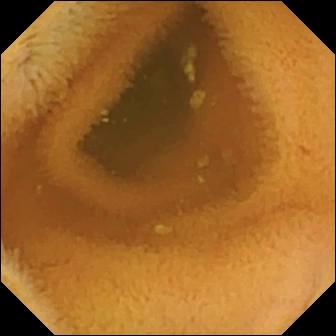{"modality": "VCE", "segment": "small bowel", "category": "luminal finding", "finding": "normal clean mucosa"}